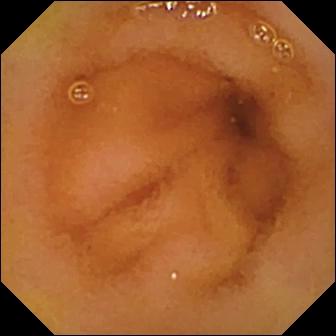Capsule endoscopy snapshot. Normal clean mucosa.